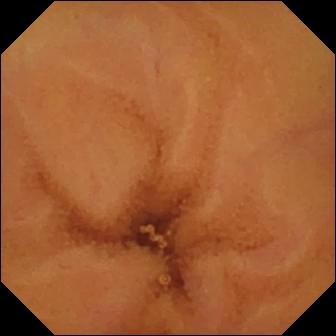{"modality": "video capsule endoscopy", "segment": "small intestine", "finding": "normal clean mucosa"}